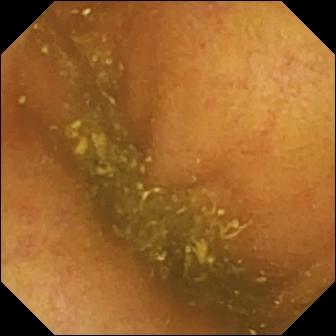This capsule endoscopy snapshot was taken in the ileo-cecal valve region.